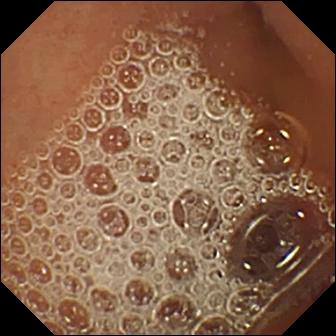This small-bowel capsule endoscopy snapshot shows normal clean mucosa.